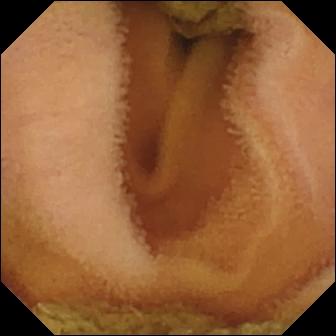Q: What does this WCE frame of the small intestine show?
A: Normal clean mucosa.